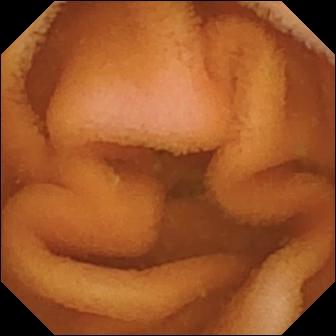WCE image, 336×336. Normal clean mucosa.